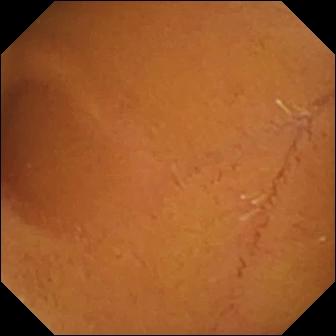VCE. Small bowel. Luminal finding. Label: normal clean mucosa.